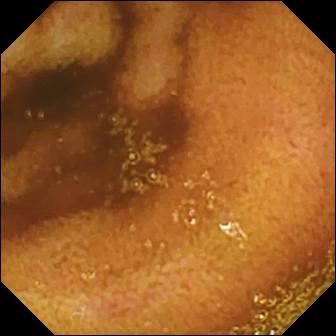Wireless capsule endoscopy. Label: normal clean mucosa.